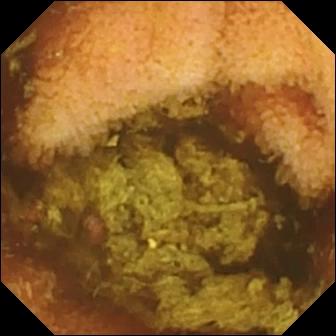- modality: video capsule endoscopy
- segment: small intestine
- observation: normal clean mucosa